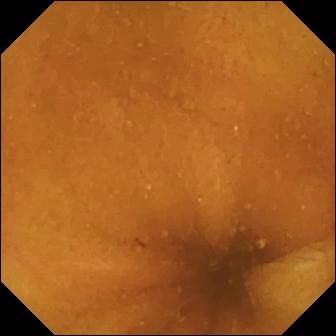WCE image, small intestine
Label: normal clean mucosa